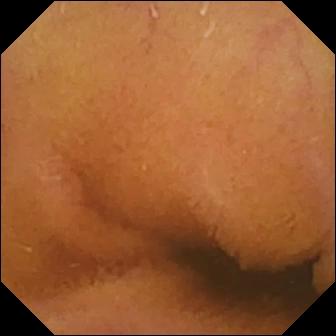Capsule endoscopy snapshot. Normal clean mucosa.